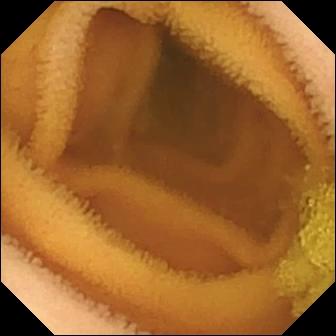Q: What does this WCE still show?
A: Normal clean mucosa.